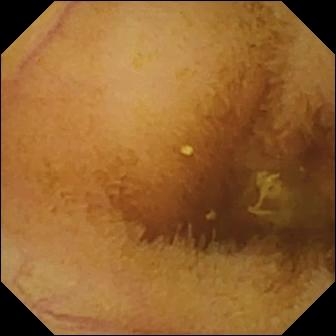Wireless capsule endoscopy frame (small bowel). Normal clean mucosa.